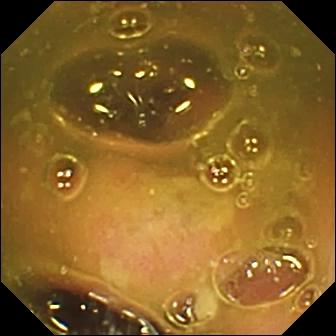Ileo-cecal valve region (where the capsule passes from the small bowel into the large bowel).